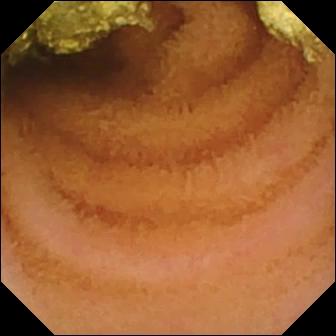Wireless capsule endoscopy — normal clean mucosa.